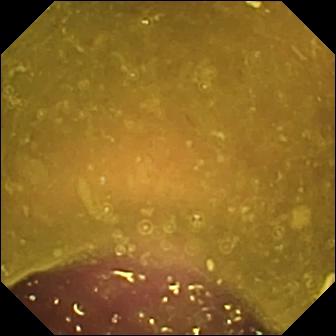VCE — reduced mucosal view (content or bubbles obscuring the mucosa).